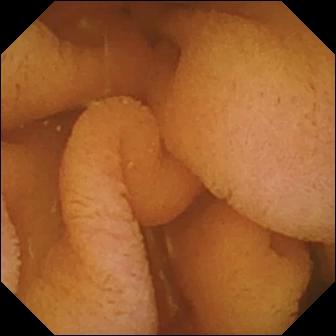VCE image. Normal clean mucosa.